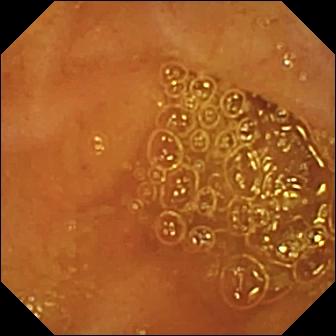PROCEDURE: Wireless capsule endoscopy.
VIDEO SEGMENT: Ileo-cecal valve region (where the capsule passes from the small bowel into the large bowel).